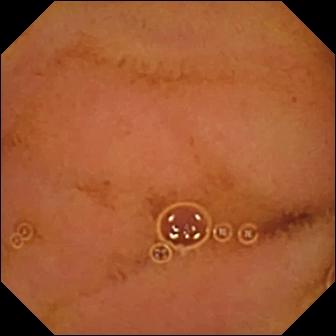modality: small-bowel capsule endoscopy | segment: small bowel | label: normal clean mucosa